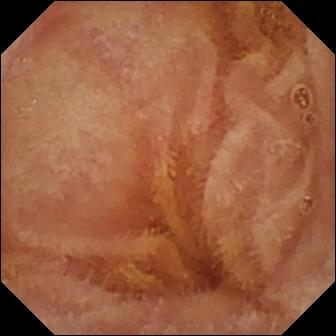Normal clean mucosa — small-bowel capsule endoscopy view.